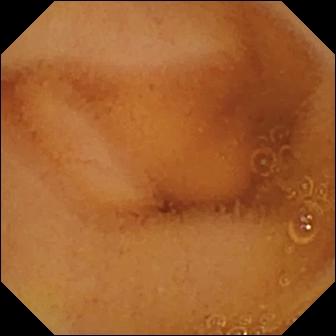Wireless capsule endoscopy — normal clean mucosa.